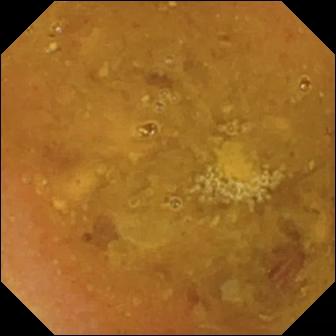Q: What does this wireless capsule endoscopy frame of the small intestine show?
A: Reduced mucosal view (content or bubbles obscuring the mucosa).